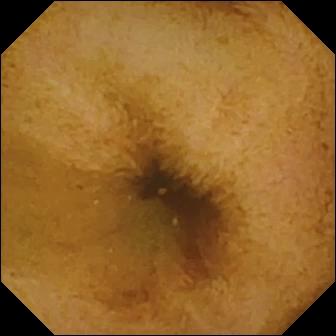Q: What does this wireless capsule endoscopy frame of the small intestine show?
A: Normal clean mucosa.